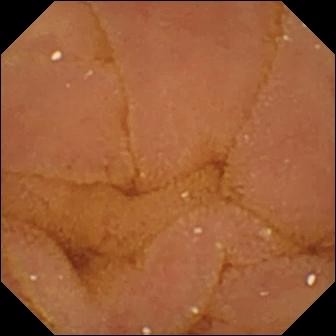PROCEDURE: WCE.
FINDINGS: Normal clean mucosa.